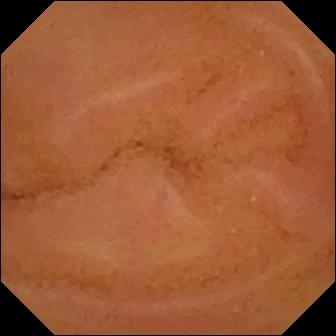Normal clean mucosa — wireless capsule endoscopy frame of the small bowel.